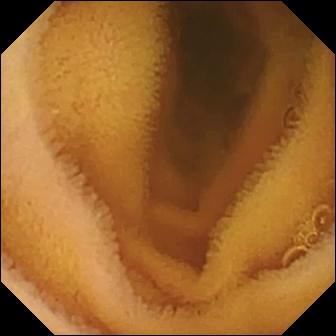Video capsule endoscopy snapshot showing normal clean mucosa.